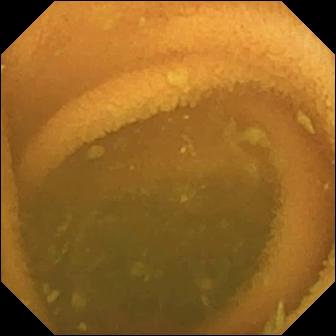WCE — normal clean mucosa.